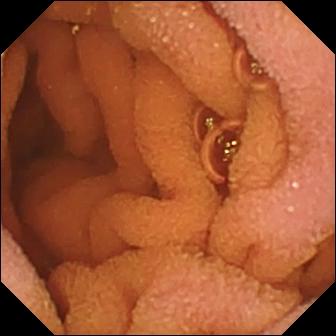Normal clean mucosa (336×336).